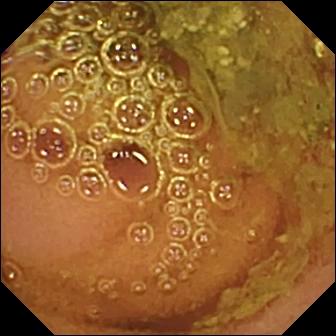Wireless capsule endoscopy still. Normal clean mucosa.